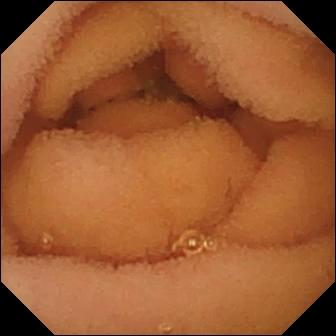Capsule endoscopy image, small intestine
Finding: normal clean mucosa